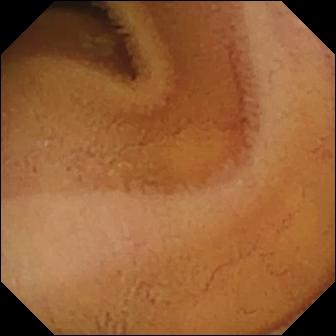Small-bowel capsule endoscopy — normal clean mucosa.